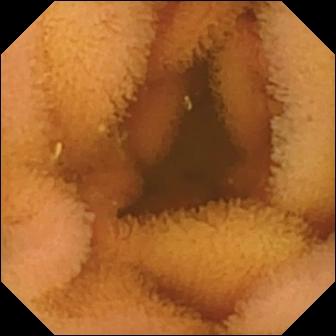WCE. Small bowel. Luminal finding. Finding: normal clean mucosa.